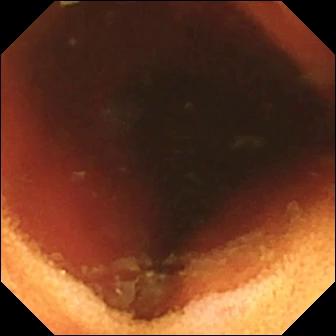Video capsule endoscopy frame
Location: ileo-cecal valve region (the transition from the small bowel to the large bowel)